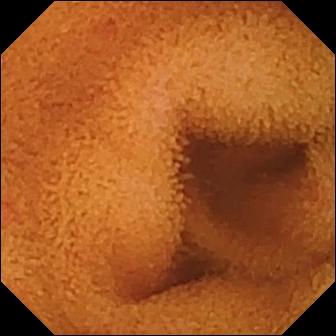{"modality": "capsule endoscopy", "segment": "small intestine", "category": "luminal finding", "finding": "normal clean mucosa"}